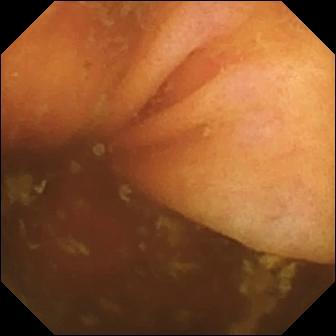PROCEDURE: WCE.
POSITION: Ileo-cecal valve region.